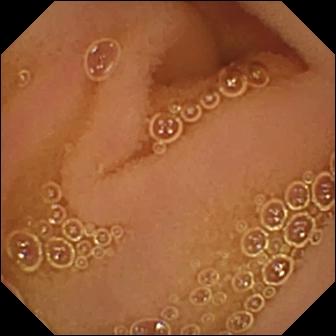WCE still. Normal clean mucosa.